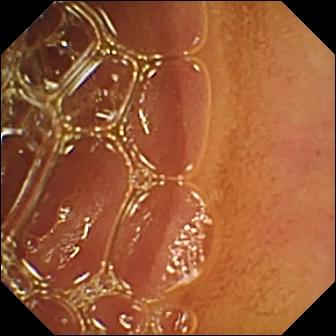Capsule endoscopy frame. Normal clean mucosa.